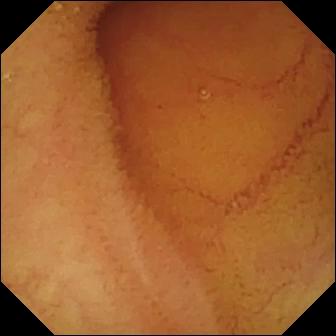modality: capsule endoscopy | segment: small intestine | observation: normal clean mucosa